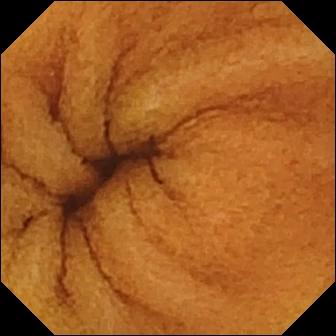modality: WCE; segment: small intestine; observation: normal clean mucosa